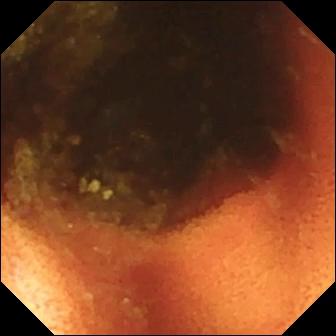Small-bowel capsule endoscopy — ileo-cecal valve region.